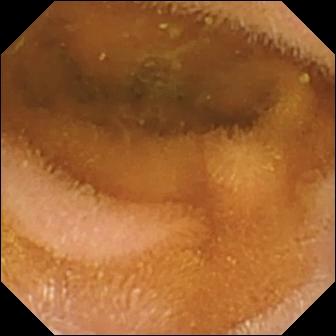- modality: WCE
- segment: small bowel
- impression: normal clean mucosa